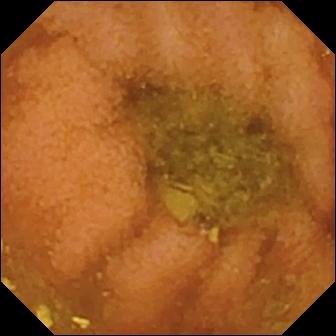Capsule endoscopy view, small bowel
Finding: normal clean mucosa